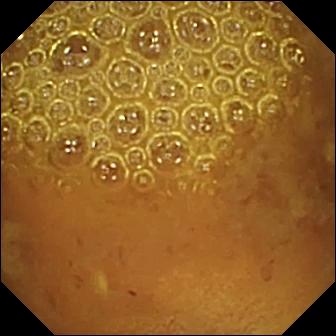- modality: WCE
- label: reduced mucosal view (content or bubbles obscuring the mucosa)